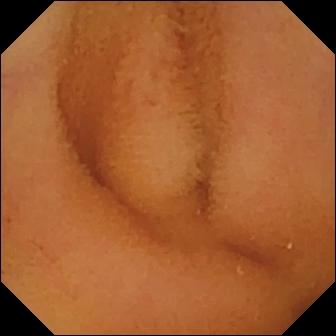modality: small-bowel capsule endoscopy | label: normal clean mucosa